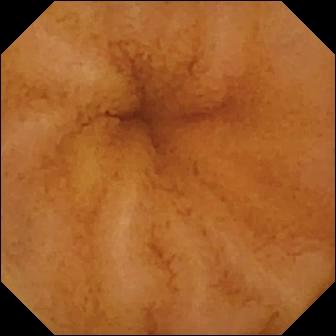{"modality": "wireless capsule endoscopy", "segment": "small intestine", "category": "luminal finding", "finding": "normal clean mucosa"}